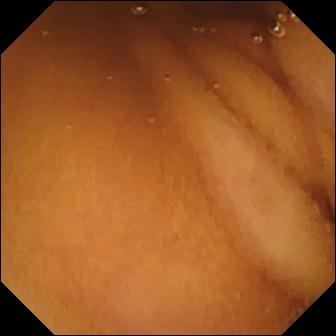WCE still of the small bowel showing normal clean mucosa.